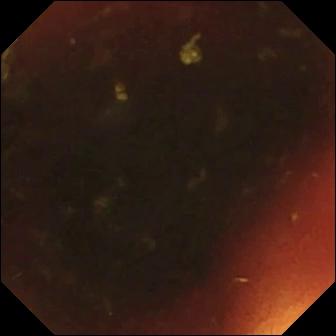Ileo-cecal valve region (where the capsule passes from the small bowel into the large bowel) — capsule endoscopy still.